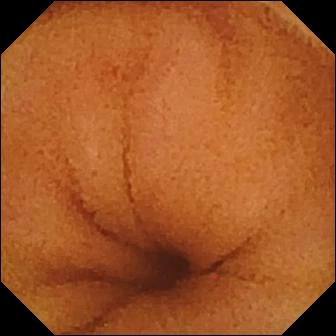Video capsule endoscopy view showing normal clean mucosa.